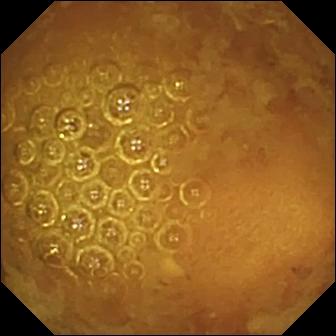WCE frame (small bowel). Reduced mucosal view (content or bubbles obscuring the mucosa).